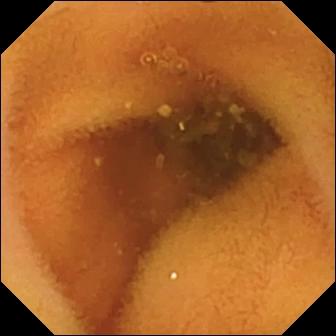VCE. Small intestine. Observation: normal clean mucosa.